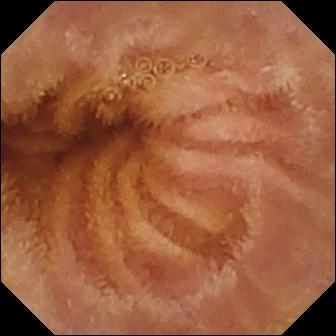VCE. Observation: normal clean mucosa.